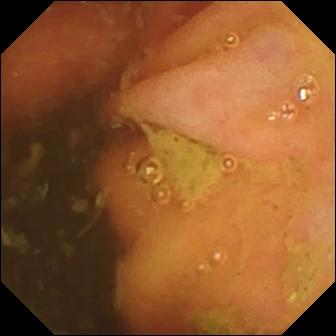PROCEDURE: Wireless capsule endoscopy.
LOCATION: Ileo-cecal valve region.